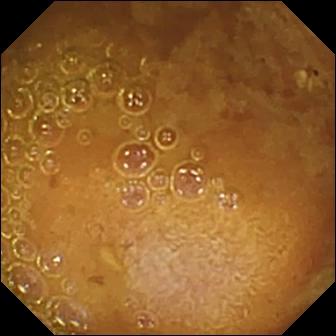This WCE still shows reduced mucosal view (content or bubbles obscuring the mucosa).